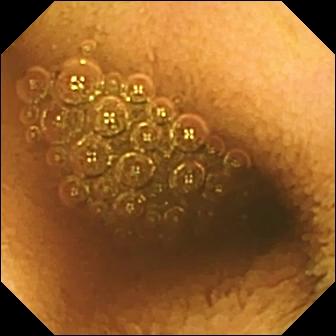Q: What does this small-bowel capsule endoscopy snapshot show?
A: Reduced mucosal view (content or bubbles obscuring the mucosa).